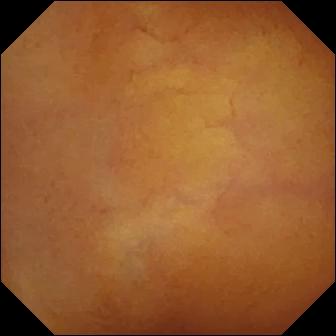PROCEDURE: VCE.
SEGMENT: Small bowel.
FINDINGS: Normal clean mucosa.